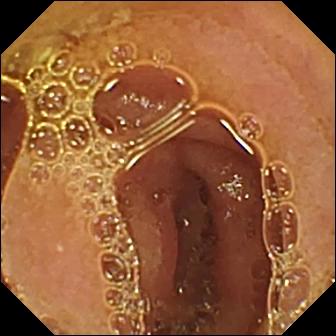Normal clean mucosa.